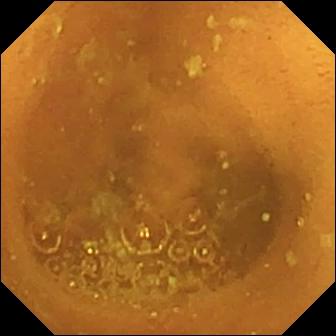- modality: small-bowel capsule endoscopy
- impression: normal clean mucosa